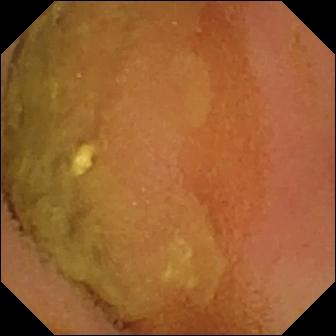modality: small-bowel capsule endoscopy; segment: small intestine; finding: normal clean mucosa